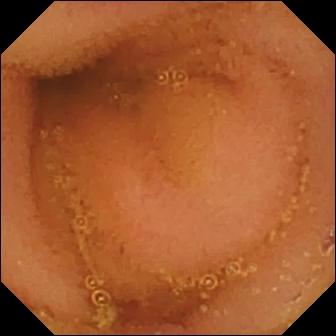modality: video capsule endoscopy; observation: normal clean mucosa